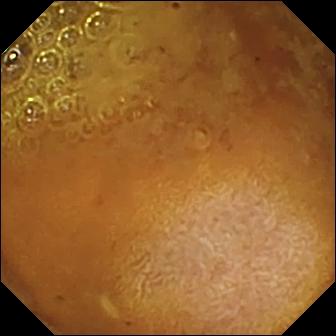Capsule endoscopy still, 336×336. Reduced mucosal view (content or bubbles obscuring the mucosa).